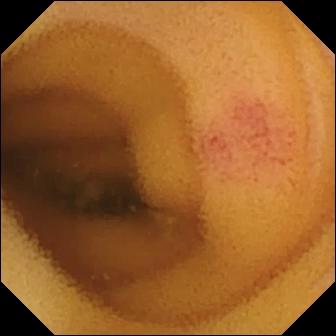Video capsule endoscopy still showing angiectasia.